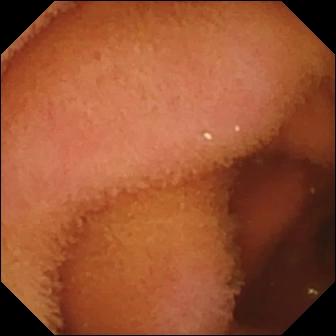WCE snapshot
Finding: normal clean mucosa